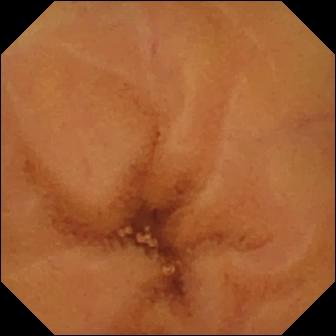Capsule endoscopy frame of the small bowel showing normal clean mucosa.